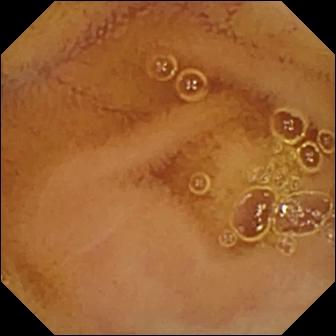This small-bowel capsule endoscopy still shows normal clean mucosa.